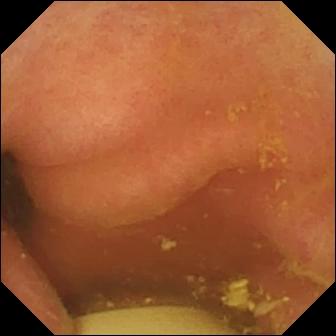Video capsule endoscopy snapshot
Impression: foreign body (e.g. retained capsule, tablet residue)